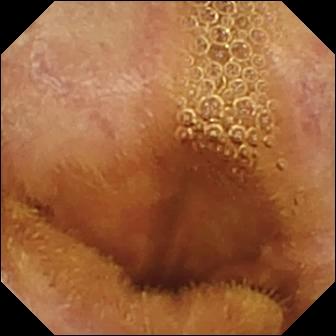Small-bowel capsule endoscopy. Small intestine. Impression: normal clean mucosa.